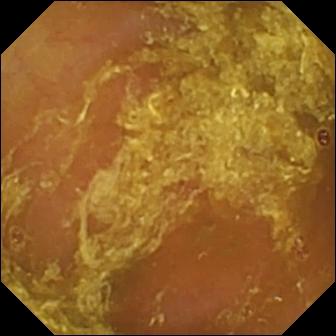- modality: VCE
- segment: small intestine
- finding: reduced mucosal view (content or bubbles obscuring the mucosa)